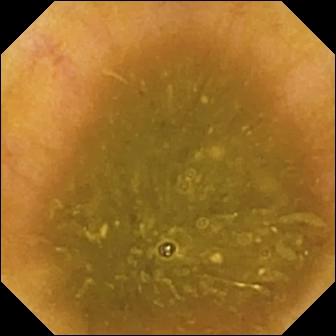{"modality": "VCE", "category": "anatomical landmark", "video_segment": "ileo-cecal valve region"}